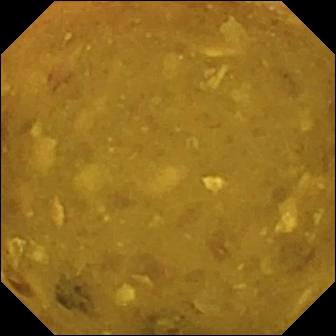Q: What does this wireless capsule endoscopy image of the small bowel show?
A: Reduced mucosal view (content or bubbles obscuring the mucosa).